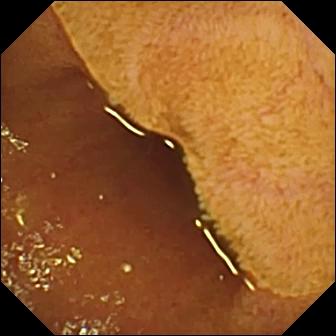Ileo-cecal valve region (where the capsule passes from the small bowel into the large bowel) — WCE frame.